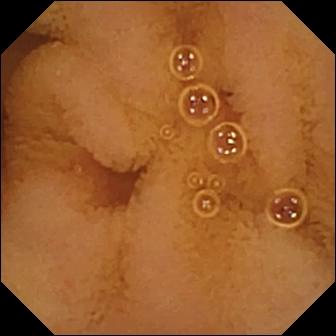Normal clean mucosa.